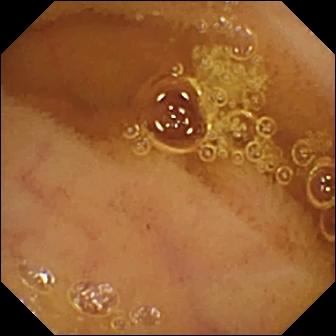Wireless capsule endoscopy snapshot
Label: normal clean mucosa